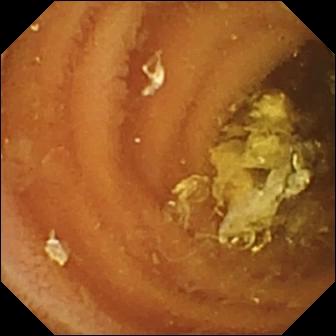Video capsule endoscopy still, small bowel
Observation: normal clean mucosa